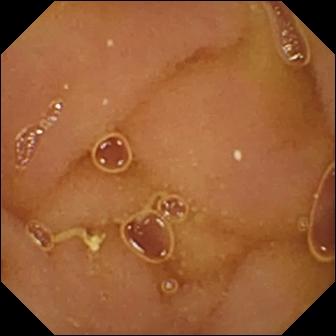Normal clean mucosa — small-bowel capsule endoscopy frame.